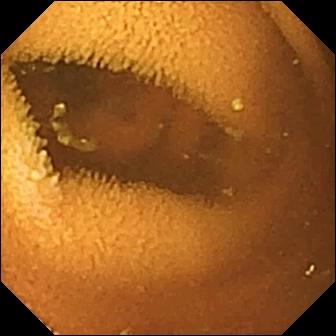This WCE image of the small bowel shows normal clean mucosa.